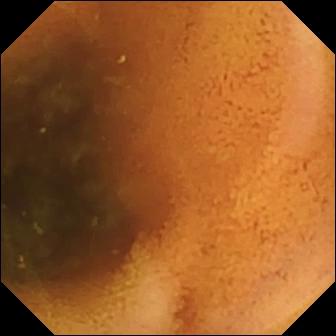PROCEDURE: WCE.
SEGMENT: Small intestine.
FINDINGS: Normal clean mucosa.